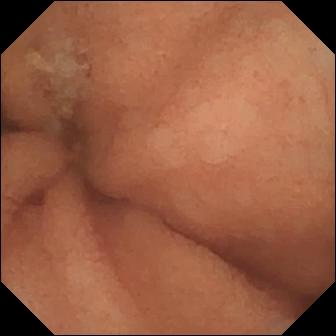Video capsule endoscopy view. Normal clean mucosa.